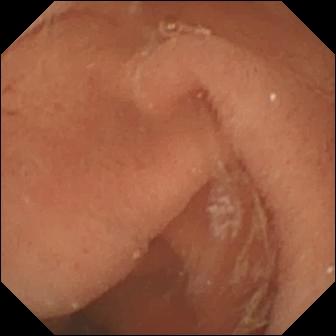WCE frame showing normal clean mucosa.